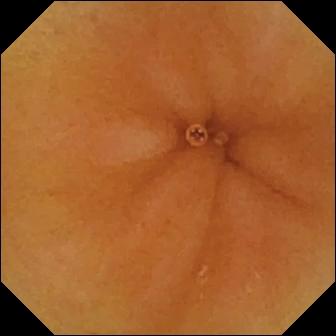{"modality": "small-bowel capsule endoscopy", "finding": "normal clean mucosa"}